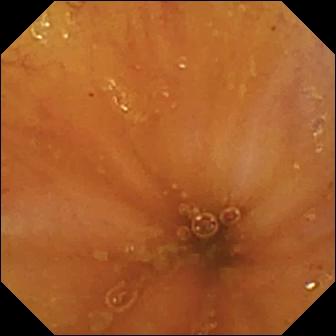modality: wireless capsule endoscopy | video segment: ileo-cecal valve region (the transition from the small bowel to the large bowel)